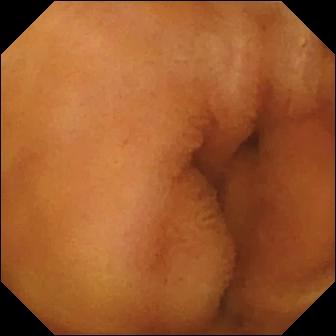- modality: small-bowel capsule endoscopy
- segment: small intestine
- category: luminal finding
- impression: normal clean mucosa